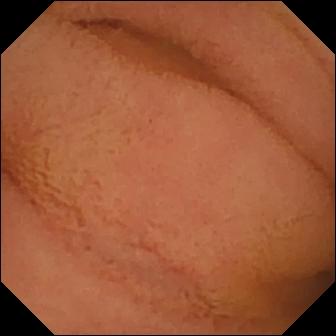Wireless capsule endoscopy still showing normal clean mucosa.